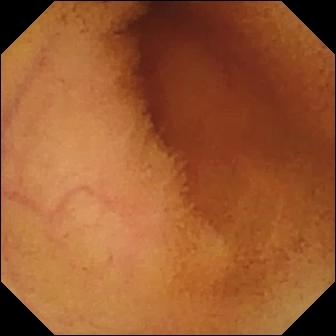WCE snapshot. Normal clean mucosa.